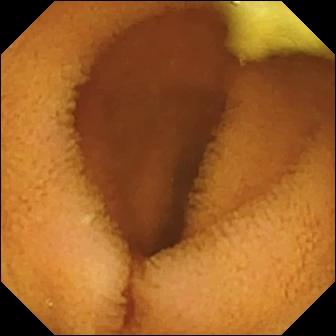VCE — normal clean mucosa.